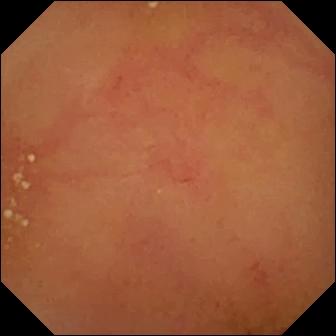Wireless capsule endoscopy. Luminal finding. Impression: normal clean mucosa.